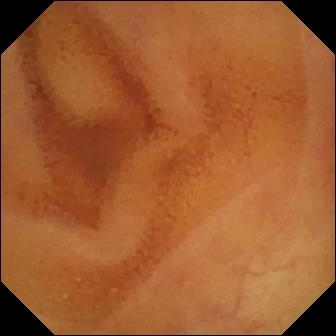{"modality": "small-bowel capsule endoscopy", "finding": "normal clean mucosa"}